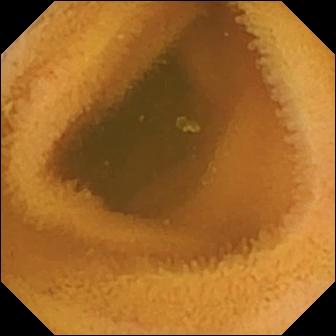Normal clean mucosa.